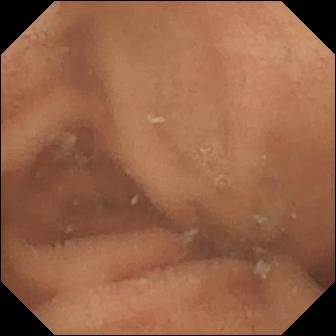Video capsule endoscopy — normal clean mucosa.